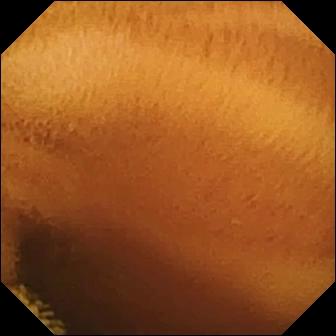VCE — normal clean mucosa.